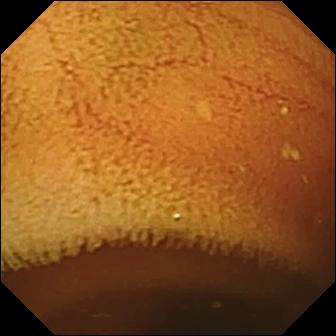modality: VCE | finding: normal clean mucosa